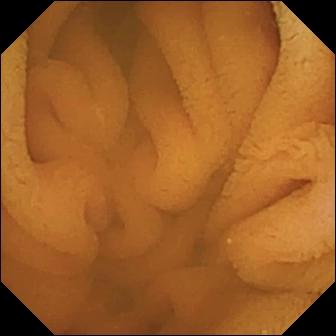- modality: small-bowel capsule endoscopy
- category: luminal finding
- finding: normal clean mucosa